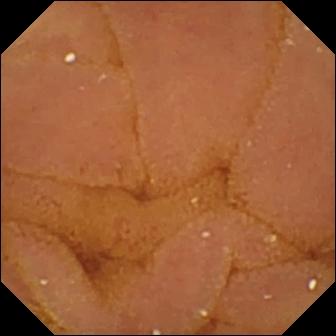PROCEDURE: Small-bowel capsule endoscopy.
SEGMENT: Small intestine.
FINDINGS: Normal clean mucosa.